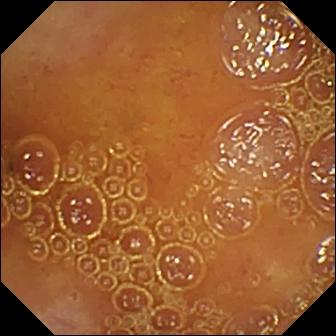Small-bowel capsule endoscopy view
Finding: normal clean mucosa